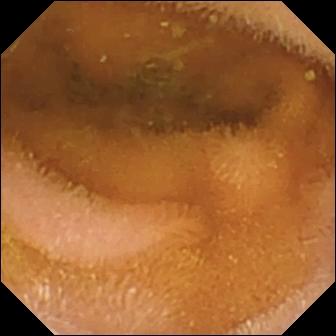{"modality": "capsule endoscopy", "category": "luminal finding", "finding": "normal clean mucosa"}